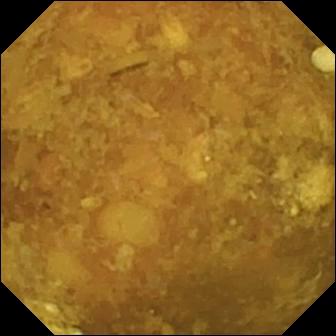WCE — reduced mucosal view (content or bubbles obscuring the mucosa).